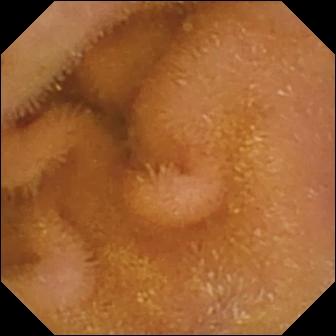modality: small-bowel capsule endoscopy
impression: normal clean mucosa